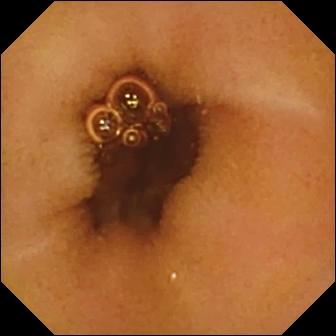Q: What does this WCE view of the small intestine show?
A: Normal clean mucosa.